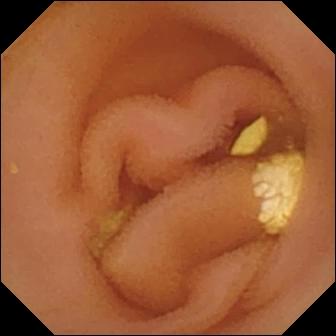VCE still
Label: lymphangiectasia